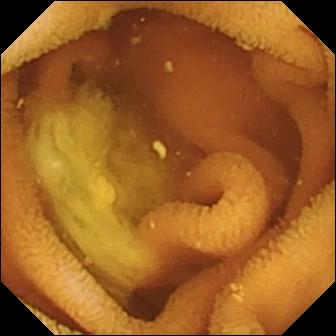modality: WCE; segment: small bowel; category: luminal finding; finding: normal clean mucosa